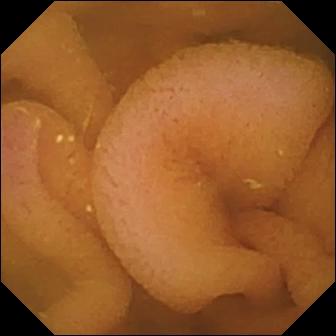VCE frame
Impression: normal clean mucosa